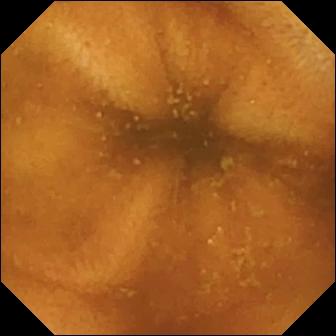- modality: WCE
- segment: small bowel
- category: luminal finding
- observation: normal clean mucosa